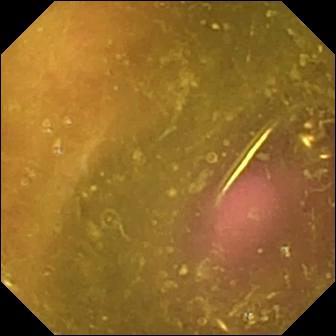Reduced mucosal view (content or bubbles obscuring the mucosa) — capsule endoscopy view of the small intestine.